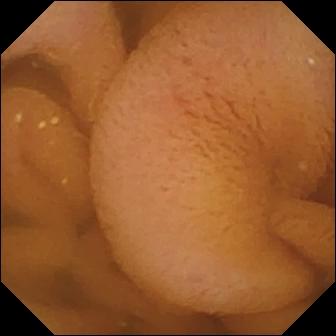VCE. Small bowel. Finding: normal clean mucosa.